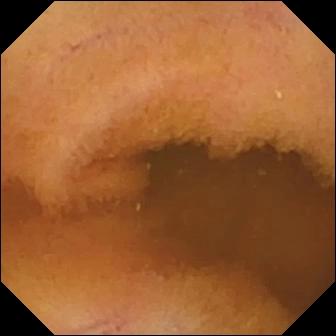Capsule endoscopy — normal clean mucosa.